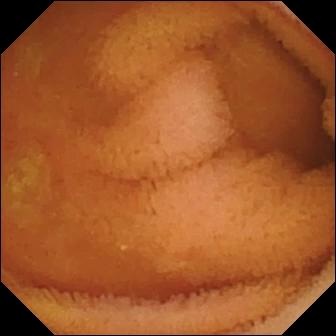Normal clean mucosa.